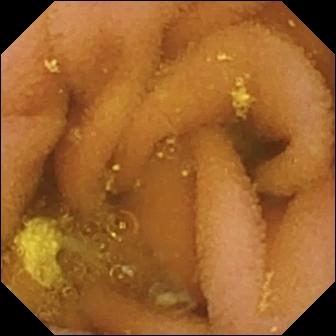This small-bowel capsule endoscopy frame shows lymphangiectasia.